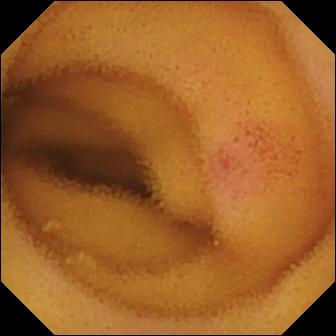{"modality": "wireless capsule endoscopy", "finding": "angiectasia"}